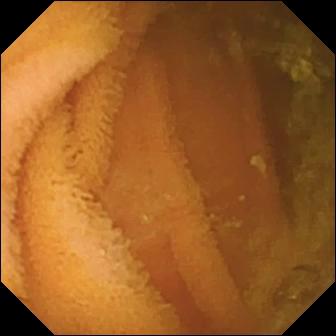Normal clean mucosa.